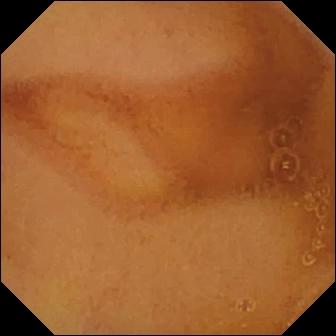Video capsule endoscopy. Small bowel. Label: normal clean mucosa.